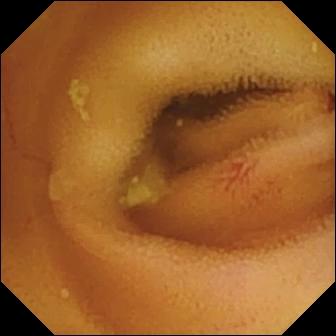- modality: small-bowel capsule endoscopy
- label: angiectasia